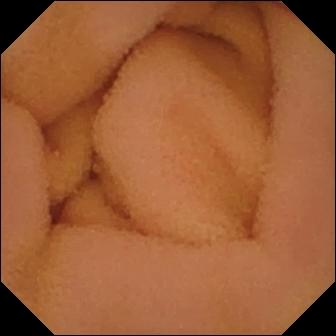PROCEDURE: WCE.
FINDINGS: Normal clean mucosa.